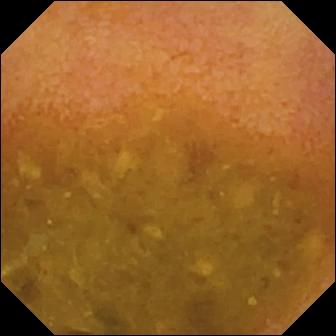VCE image (small bowel). Reduced mucosal view (content or bubbles obscuring the mucosa).